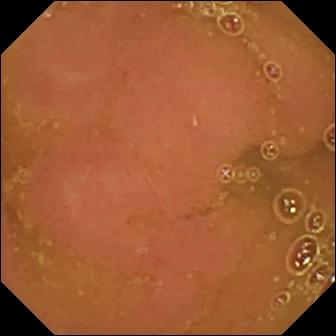Capsule endoscopy frame showing normal clean mucosa.